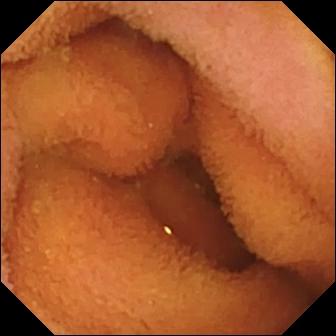Video capsule endoscopy frame showing normal clean mucosa.